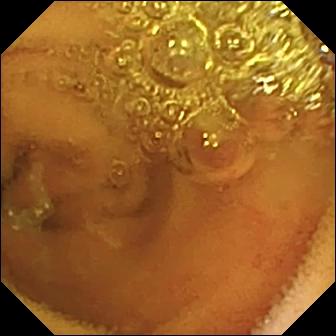VCE. Observation: normal clean mucosa.